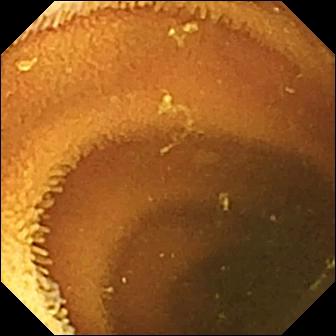VCE view showing normal clean mucosa.